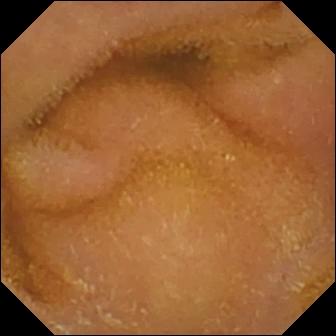modality: capsule endoscopy; finding: normal clean mucosa